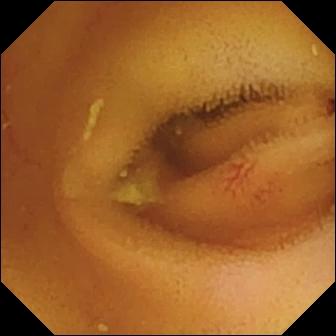WCE — angiectasia.